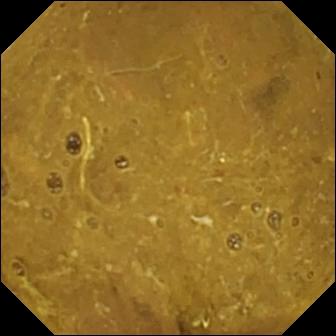Small-bowel capsule endoscopy image
Video segment: ileo-cecal valve region